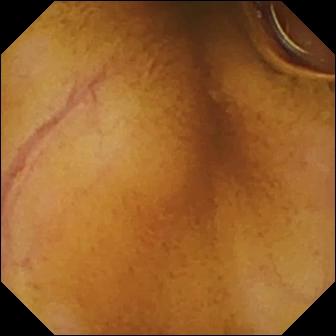Small-bowel capsule endoscopy snapshot
Label: normal clean mucosa